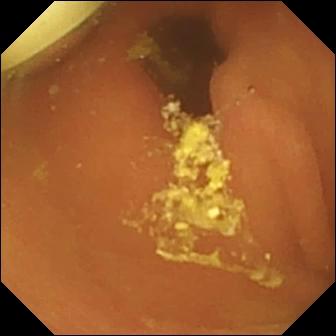{"modality": "small-bowel capsule endoscopy", "finding": "foreign body (e.g. retained capsule, tablet residue)"}